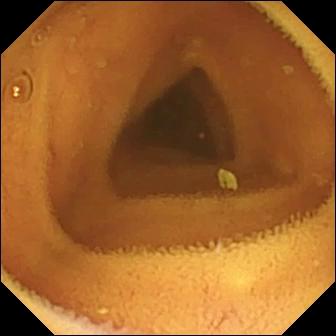PROCEDURE: Wireless capsule endoscopy.
SEGMENT: Small bowel.
FINDINGS: Normal clean mucosa.